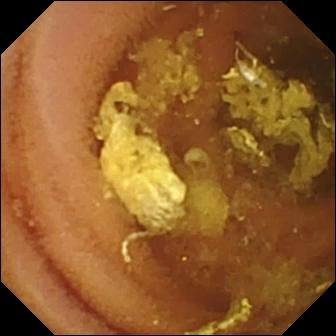modality: video capsule endoscopy | impression: normal clean mucosa